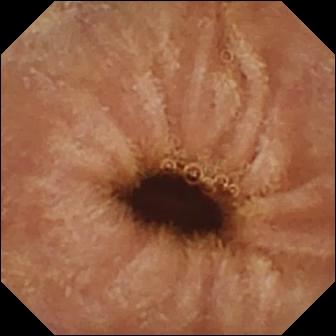Q: What does this small-bowel capsule endoscopy view show?
A: Normal clean mucosa.